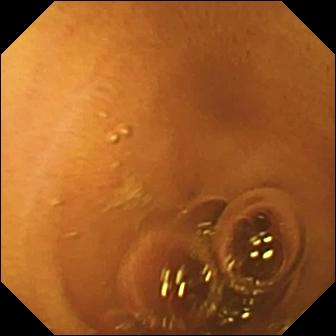modality: WCE
segment: small bowel
category: luminal finding
impression: normal clean mucosa